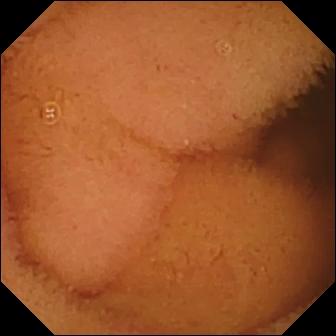modality: WCE; segment: small bowel; impression: normal clean mucosa